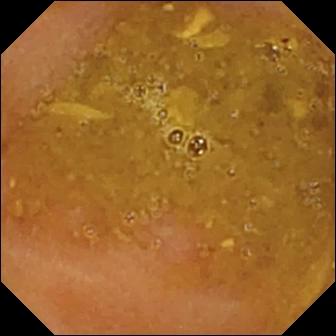This wireless capsule endoscopy still of the small intestine shows reduced mucosal view (content or bubbles obscuring the mucosa).